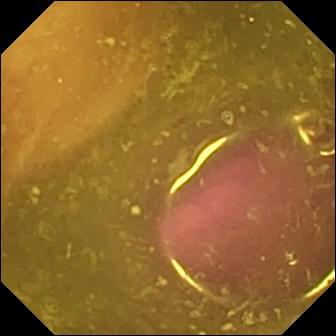- modality: small-bowel capsule endoscopy
- observation: reduced mucosal view (content or bubbles obscuring the mucosa)